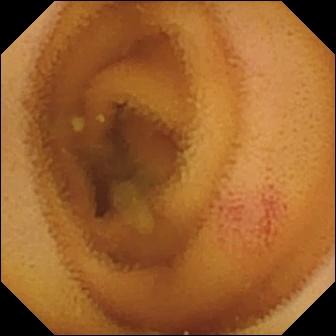WCE snapshot showing angiectasia.